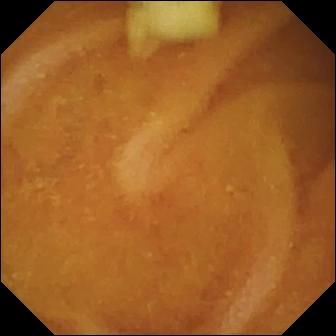Video capsule endoscopy image, small intestine
Label: normal clean mucosa